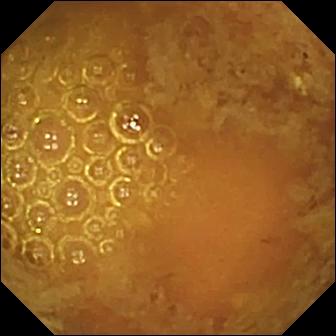Reduced mucosal view (content or bubbles obscuring the mucosa) — capsule endoscopy view of the small bowel.